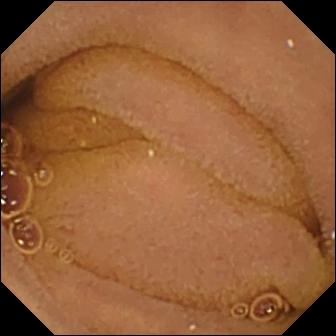PROCEDURE: Wireless capsule endoscopy.
FINDINGS: Normal clean mucosa.